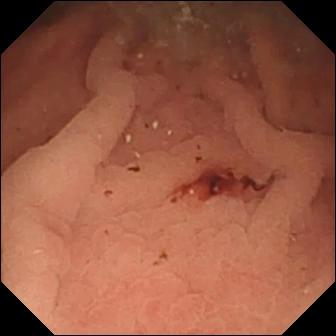Q: What does this WCE still show?
A: Fresh blood in the lumen.